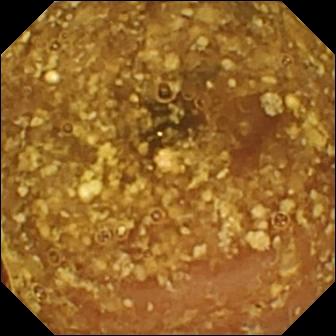Small-bowel capsule endoscopy view
Label: reduced mucosal view (content or bubbles obscuring the mucosa)